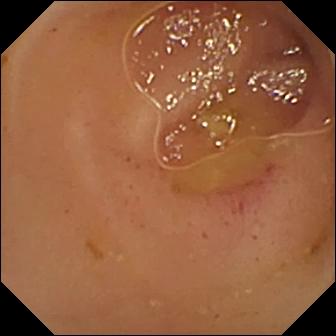VCE snapshot
Impression: erythema (mucosal redness)